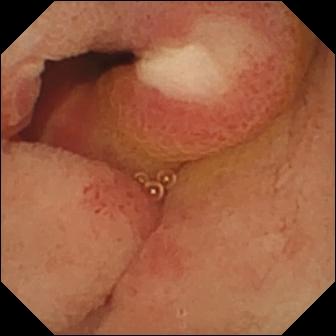Capsule endoscopy — ulcer.